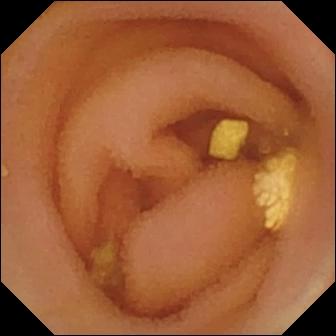Q: What does this video capsule endoscopy snapshot show?
A: Lymphangiectasia.